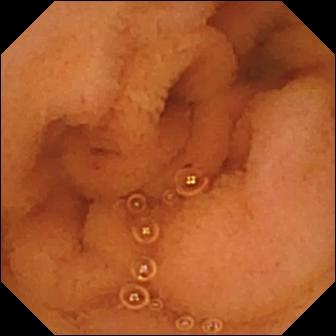Video capsule endoscopy. Small intestine. Luminal finding. Finding: normal clean mucosa.